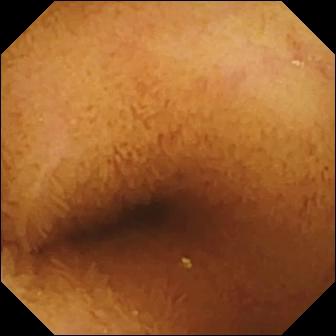Normal clean mucosa — wireless capsule endoscopy snapshot.